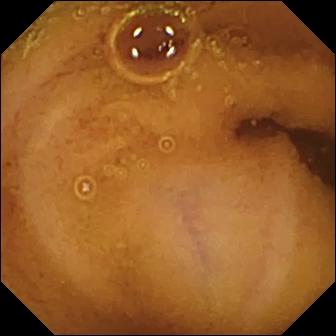Capsule endoscopy. Observation: normal clean mucosa.